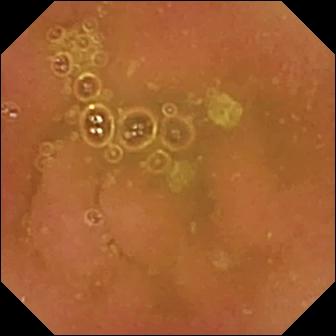modality: capsule endoscopy
observation: normal clean mucosa